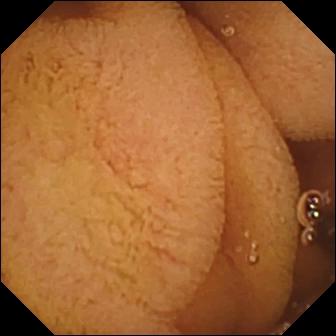PROCEDURE: Capsule endoscopy.
LOCATION: Pylorus region (the junction between the stomach and the small bowel).